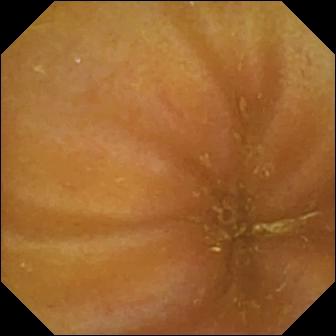Video capsule endoscopy frame
Position: ileo-cecal valve region (where the capsule passes from the small bowel into the large bowel)